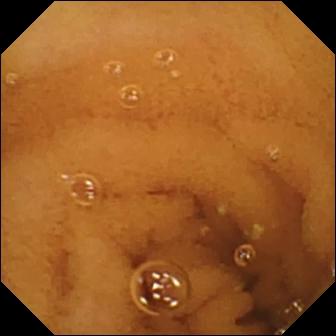Wireless capsule endoscopy still, small intestine
Impression: normal clean mucosa